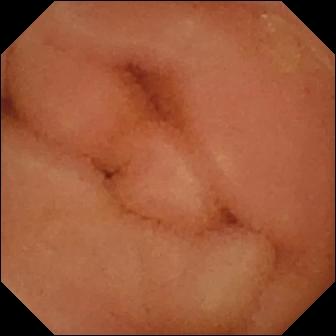- modality: small-bowel capsule endoscopy
- segment: small bowel
- finding: normal clean mucosa